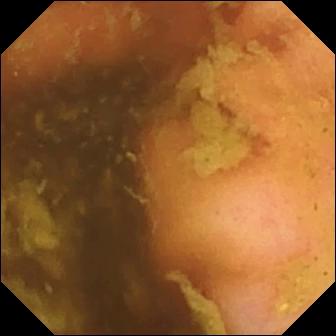Wireless capsule endoscopy still, 336×336. Taken in the ileo-cecal valve region (the transition from the small bowel to the large bowel).